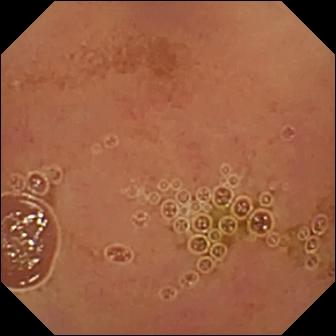WCE — normal clean mucosa.